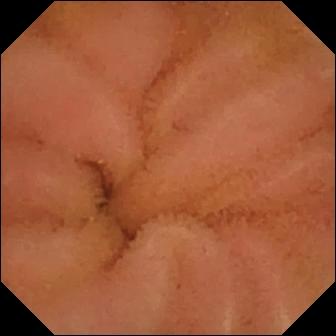WCE frame of the small intestine showing normal clean mucosa.